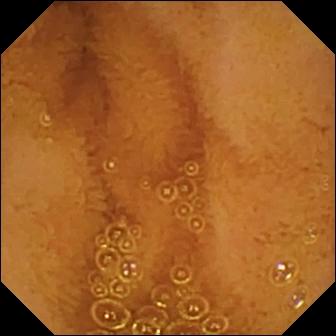PROCEDURE: Video capsule endoscopy.
FINDINGS: Normal clean mucosa.